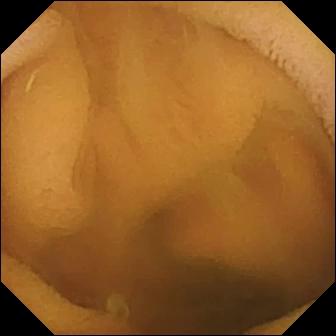Normal clean mucosa.